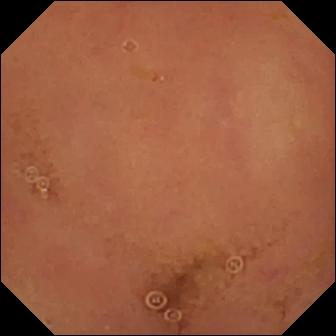Video capsule endoscopy view
Label: normal clean mucosa